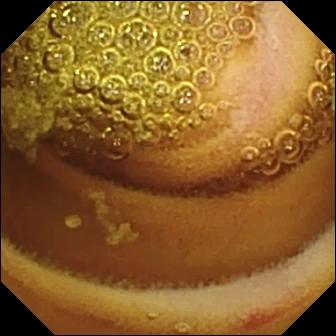{"modality": "capsule endoscopy", "category": "luminal finding", "finding": "erosion"}